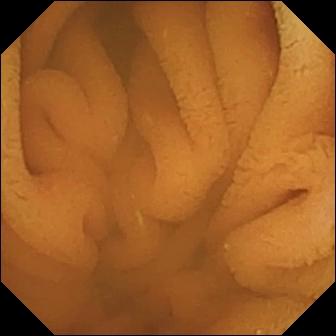This WCE snapshot shows normal clean mucosa.